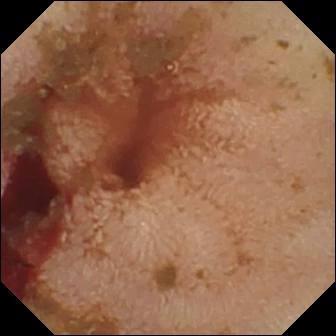{"modality": "capsule endoscopy", "finding": "fresh blood in the lumen"}